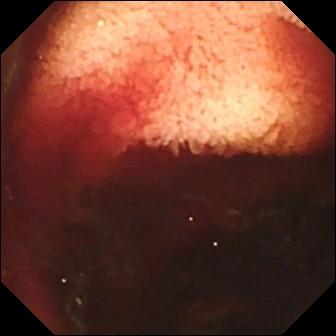Small-bowel capsule endoscopy — fresh blood in the lumen.